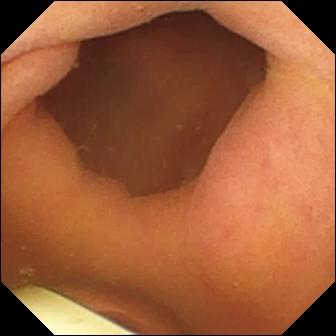Q: What does this capsule endoscopy still show?
A: Foreign body (e.g. retained capsule, tablet residue).